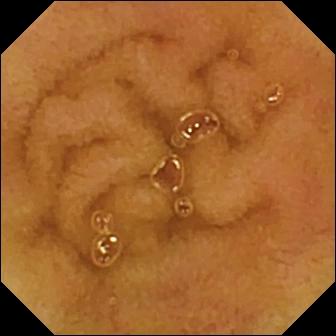PROCEDURE: Small-bowel capsule endoscopy.
SEGMENT: Small intestine.
FINDINGS: Normal clean mucosa.